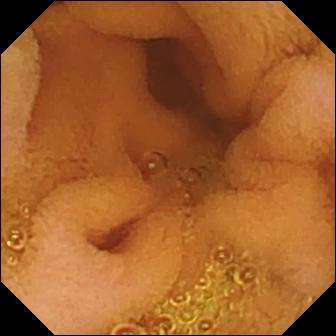Capsule endoscopy — normal clean mucosa.